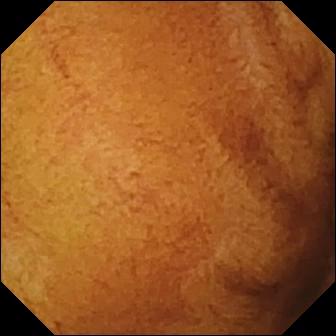Small-bowel capsule endoscopy view (small bowel). Normal clean mucosa.